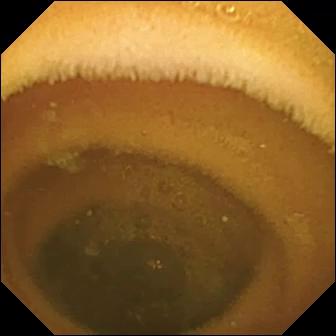This video capsule endoscopy view of the small intestine shows normal clean mucosa.